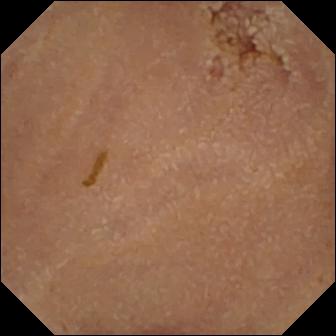Wireless capsule endoscopy view, small bowel
Finding: normal clean mucosa